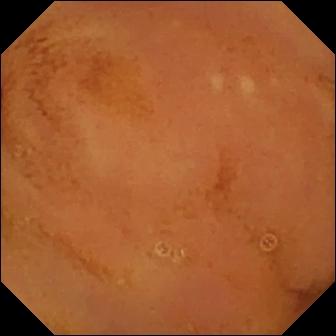PROCEDURE: VCE.
SEGMENT: Small bowel.
FINDINGS: Normal clean mucosa.